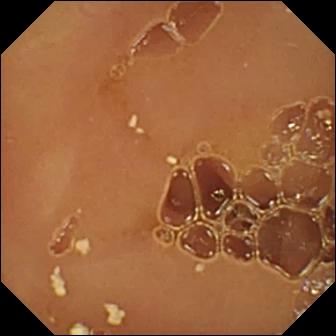Q: What does this video capsule endoscopy view of the small bowel show?
A: Normal clean mucosa.